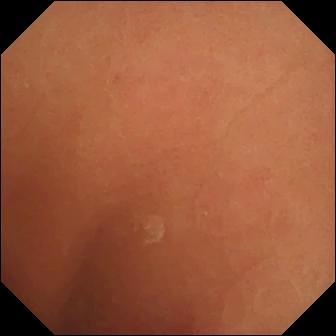Normal clean mucosa — video capsule endoscopy still.